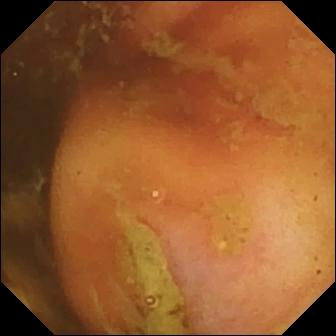This capsule endoscopy view was taken in the ileo-cecal valve region (where the capsule passes from the small bowel into the large bowel).